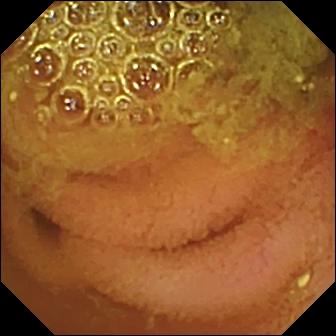Normal clean mucosa.